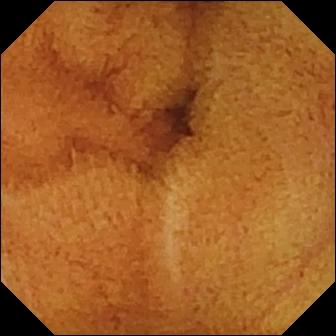This VCE snapshot of the small intestine shows normal clean mucosa.